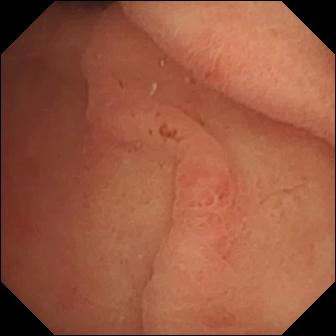Capsule endoscopy snapshot
Video segment: pylorus region